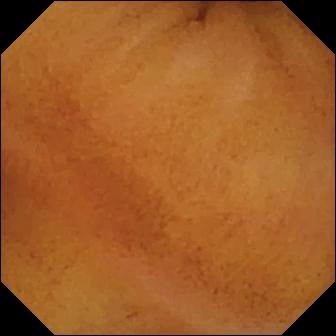This WCE still of the small bowel shows normal clean mucosa.